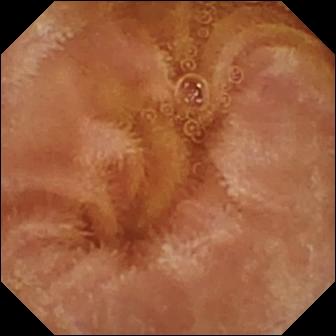Normal clean mucosa — WCE snapshot of the small bowel.